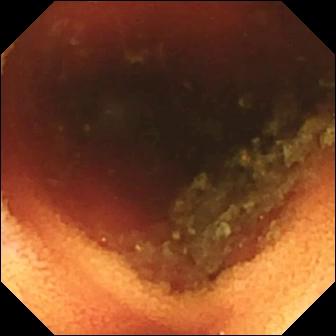- modality: video capsule endoscopy
- category: anatomical landmark
- label: ileo-cecal valve region (where the capsule passes from the small bowel into the large bowel)